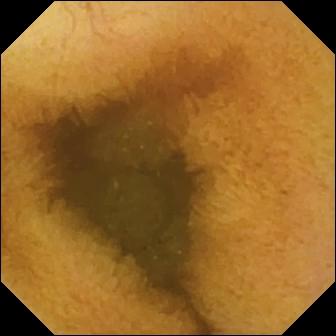{"modality": "WCE", "finding": "normal clean mucosa"}